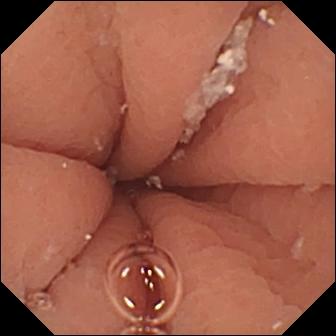This video capsule endoscopy image was taken in the pylorus region (the junction between the stomach and the small bowel).